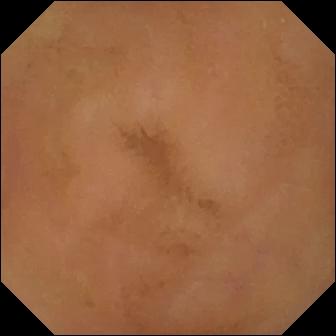Capsule endoscopy still. Normal clean mucosa.